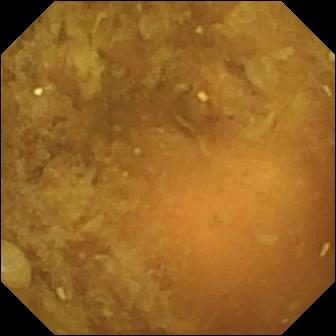{"modality": "small-bowel capsule endoscopy", "finding": "reduced mucosal view (content or bubbles obscuring the mucosa)"}